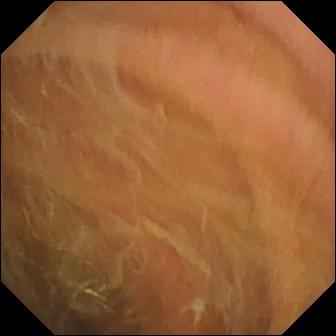Wireless capsule endoscopy view. Taken in the pylorus region (the junction between the stomach and the small bowel).